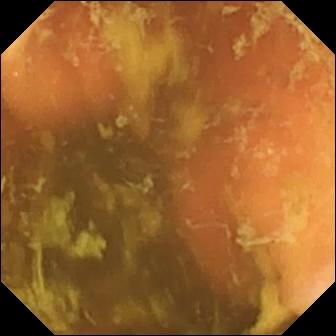- modality: WCE
- label: ileo-cecal valve region (the transition from the small bowel to the large bowel)